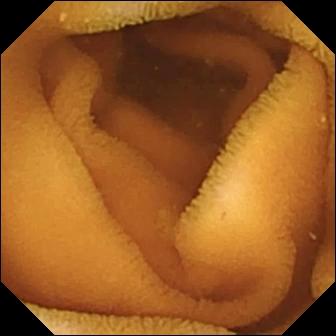Normal clean mucosa.